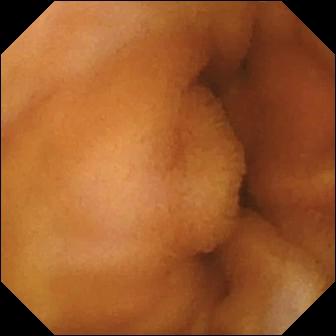Normal clean mucosa (336×336).